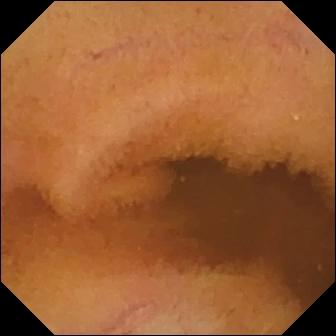{"modality": "video capsule endoscopy", "segment": "small bowel", "category": "luminal finding", "finding": "normal clean mucosa"}